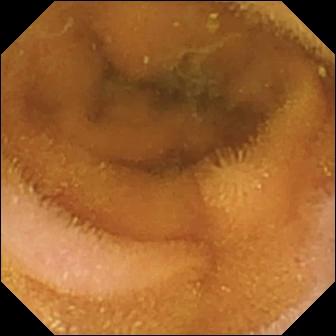Q: What does this capsule endoscopy image show?
A: Normal clean mucosa.